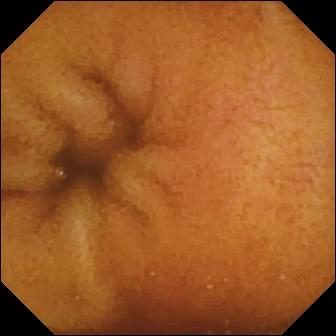Q: What does this video capsule endoscopy image show?
A: Normal clean mucosa.